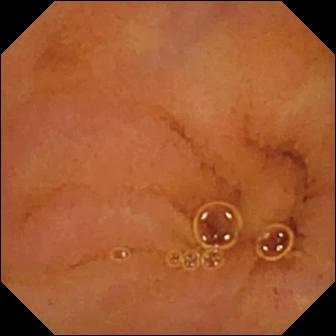PROCEDURE: VCE.
FINDINGS: Normal clean mucosa.